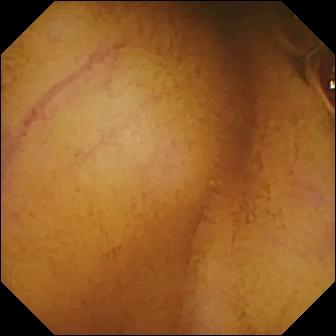WCE image, small bowel
Impression: normal clean mucosa